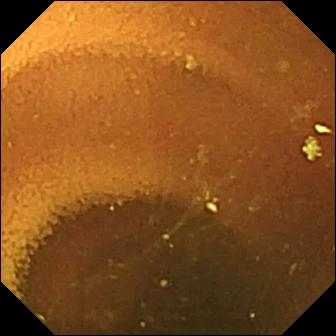Normal clean mucosa (336×336).